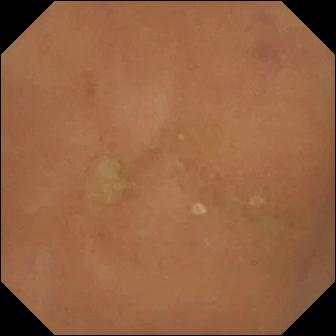Normal clean mucosa — WCE image.